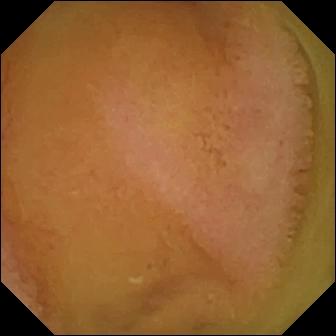Normal clean mucosa.